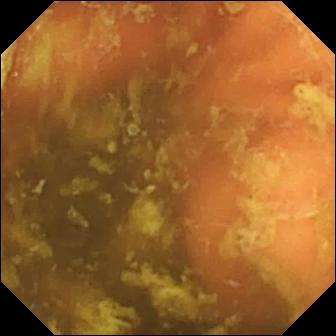Video capsule endoscopy still
Location: ileo-cecal valve region (where the capsule passes from the small bowel into the large bowel)